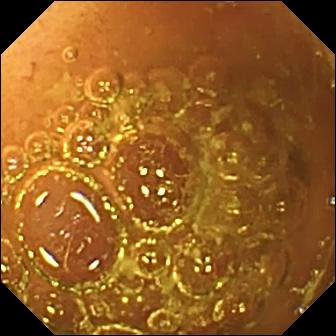PROCEDURE: Video capsule endoscopy.
FINDINGS: Normal clean mucosa.